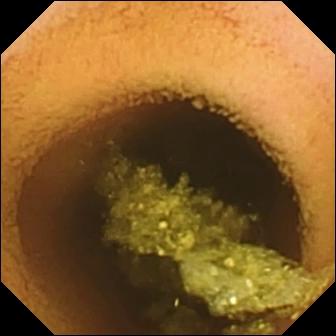VCE — normal clean mucosa.